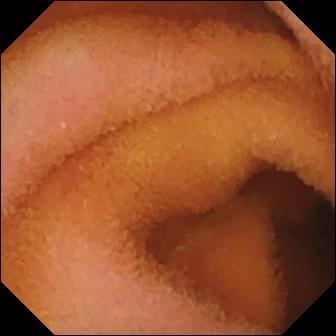Small-bowel capsule endoscopy frame
Label: normal clean mucosa